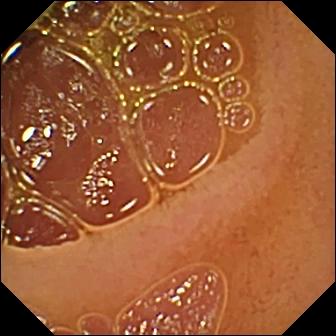This capsule endoscopy view shows normal clean mucosa.